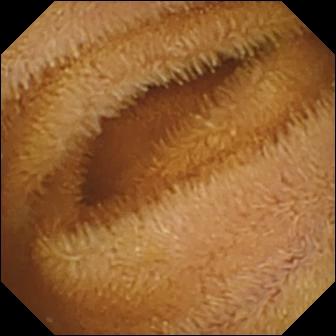Capsule endoscopy. Small bowel. Observation: normal clean mucosa.